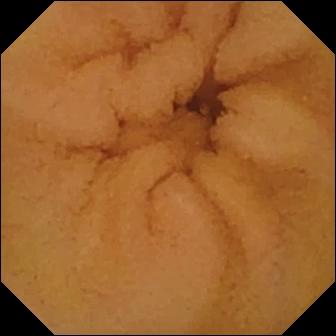This VCE frame shows normal clean mucosa.